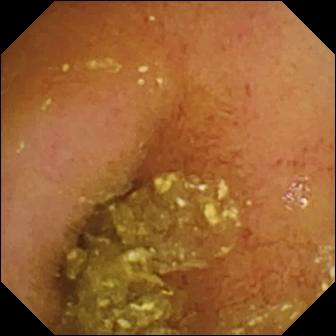modality: small-bowel capsule endoscopy | observation: normal clean mucosa